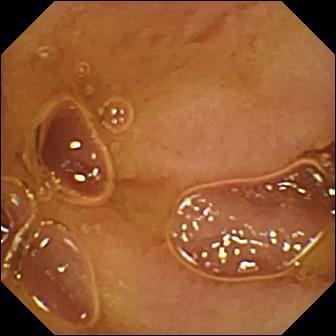Q: What does this wireless capsule endoscopy frame show?
A: Normal clean mucosa.